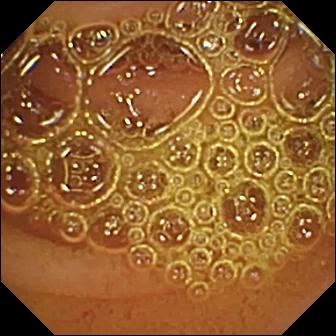VCE still (small intestine). Normal clean mucosa.